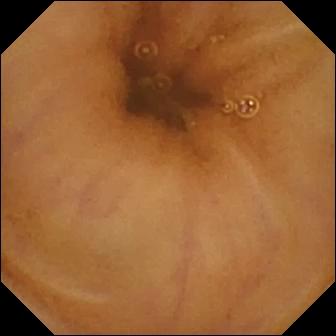This video capsule endoscopy frame shows normal clean mucosa.